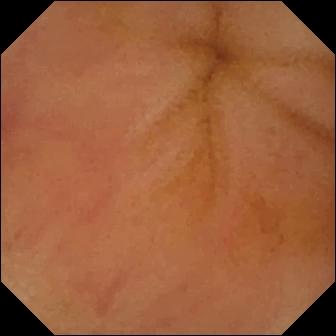modality: video capsule endoscopy | category: luminal finding | label: erythema (mucosal redness)